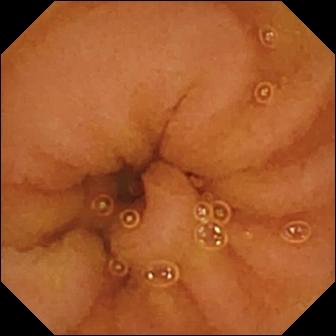WCE still, small bowel
Observation: normal clean mucosa